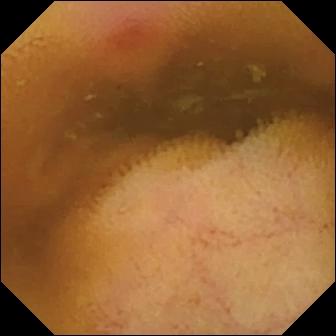{"modality": "video capsule endoscopy", "finding": "erythema (mucosal redness)"}